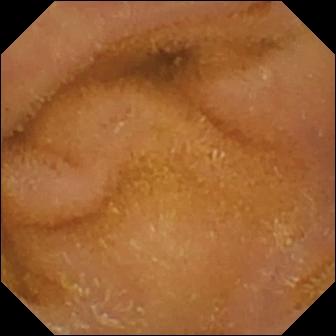- modality: VCE
- label: normal clean mucosa